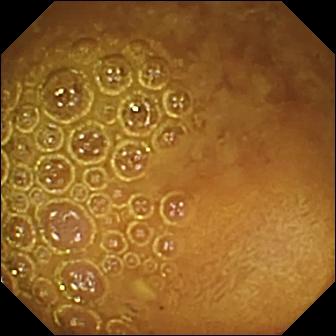Q: What does this capsule endoscopy frame of the small intestine show?
A: Reduced mucosal view (content or bubbles obscuring the mucosa).